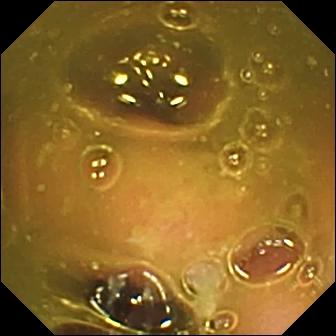Small-bowel capsule endoscopy view taken in the ileo-cecal valve region.